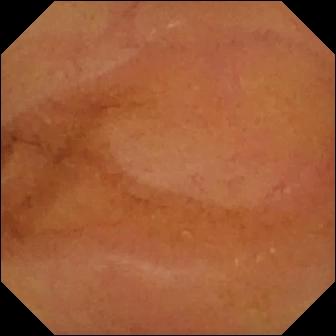WCE. Label: normal clean mucosa.